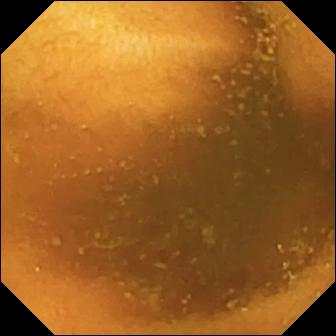Small-bowel capsule endoscopy frame
Observation: normal clean mucosa